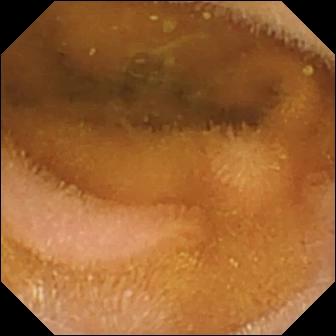Q: What does this capsule endoscopy frame show?
A: Normal clean mucosa.